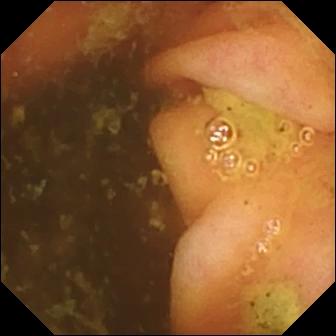PROCEDURE: Video capsule endoscopy.
POSITION: Ileo-cecal valve region (where the capsule passes from the small bowel into the large bowel).